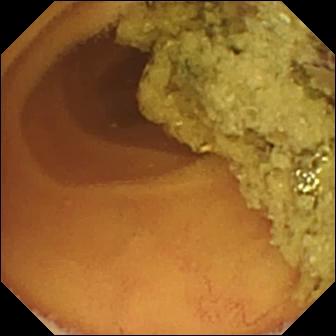Normal clean mucosa — capsule endoscopy frame of the small intestine.